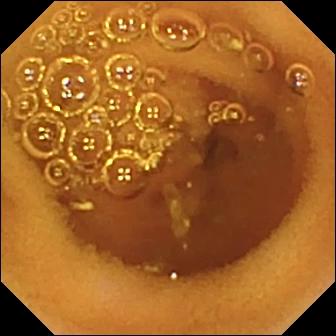- modality: capsule endoscopy
- label: normal clean mucosa